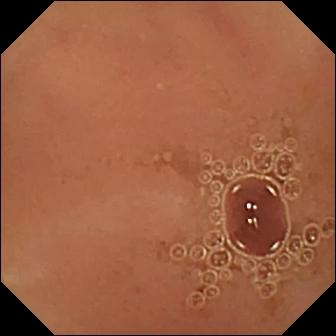{"modality": "capsule endoscopy", "segment": "small intestine", "finding": "normal clean mucosa"}